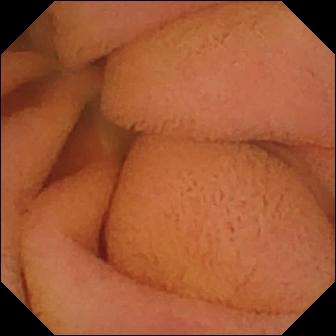{"modality": "wireless capsule endoscopy", "finding": "normal clean mucosa"}